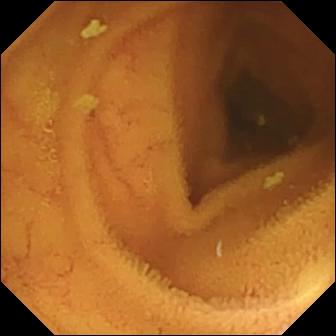modality: small-bowel capsule endoscopy
segment: small bowel
observation: normal clean mucosa